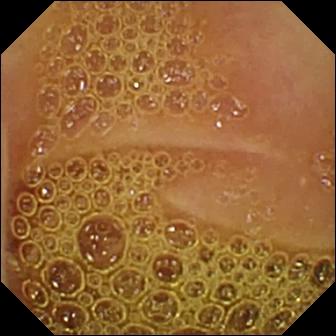- modality: WCE
- observation: normal clean mucosa